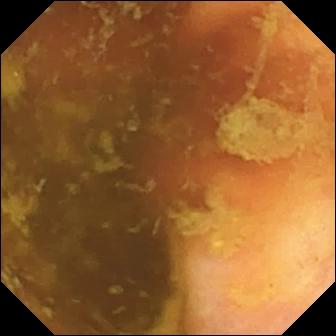Ileo-cecal valve region (the transition from the small bowel to the large bowel).